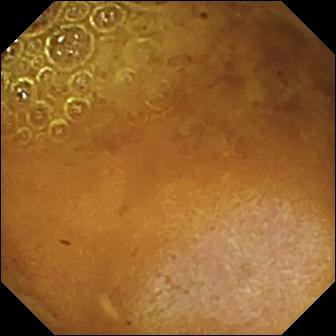Capsule endoscopy still of the small bowel showing reduced mucosal view (content or bubbles obscuring the mucosa).